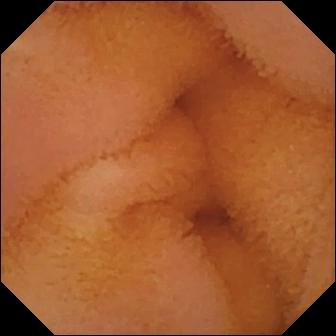Small-bowel capsule endoscopy snapshot showing normal clean mucosa.